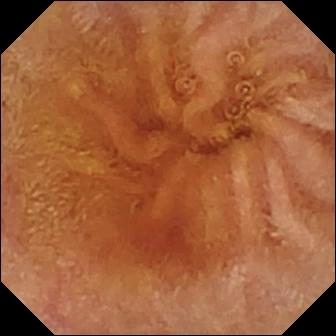Small-bowel capsule endoscopy still showing normal clean mucosa.